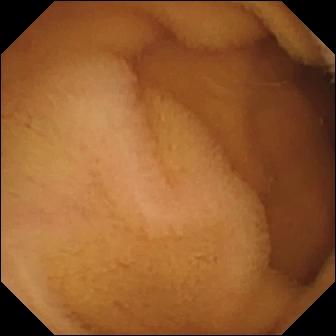{"modality": "WCE", "segment": "small intestine", "category": "luminal finding", "finding": "normal clean mucosa"}